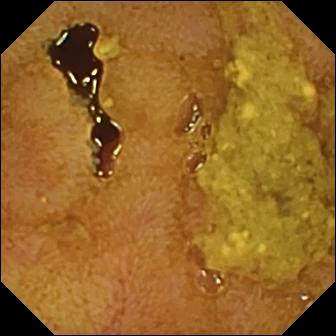{"modality": "small-bowel capsule endoscopy", "label": "ileo-cecal valve region (where the capsule passes from the small bowel into the large bowel)"}